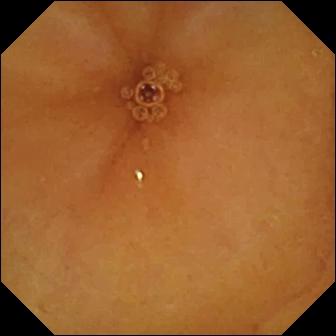{"modality": "wireless capsule endoscopy", "finding": "normal clean mucosa"}